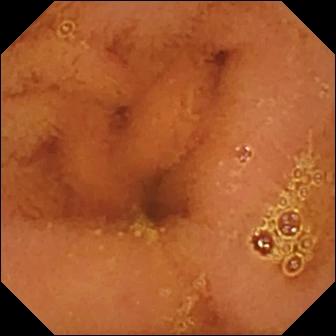PROCEDURE: Small-bowel capsule endoscopy.
FINDINGS: Normal clean mucosa.